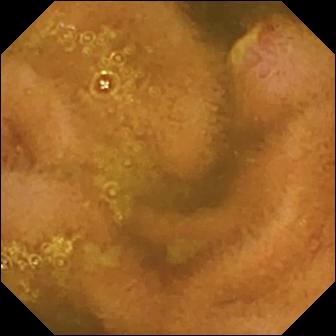This video capsule endoscopy view shows ulcer.